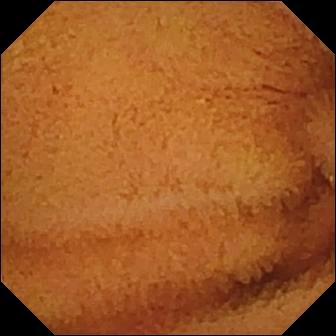This WCE view shows normal clean mucosa.